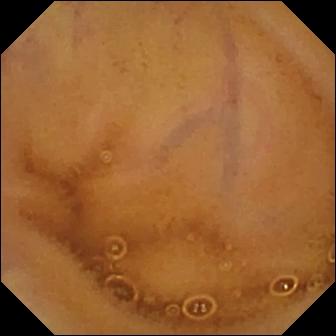Video capsule endoscopy — normal clean mucosa.